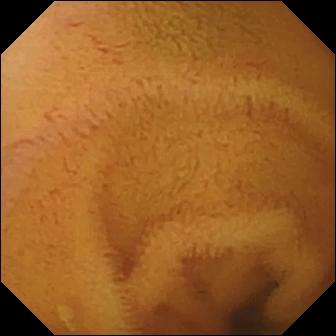- modality: video capsule endoscopy
- segment: small intestine
- impression: normal clean mucosa